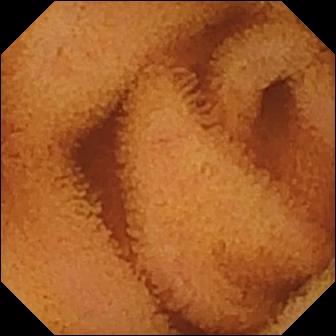{"modality": "wireless capsule endoscopy", "finding": "normal clean mucosa"}